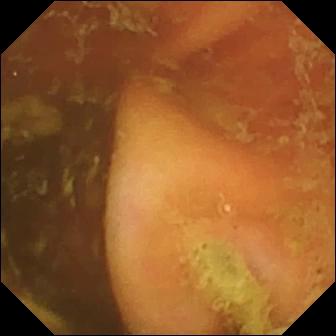Ileo-cecal valve region — capsule endoscopy still.